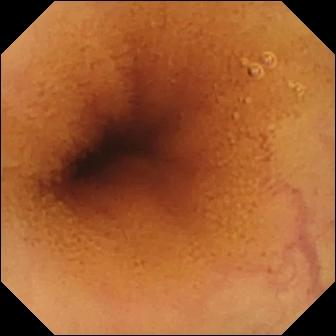modality: video capsule endoscopy; segment: small intestine; label: normal clean mucosa